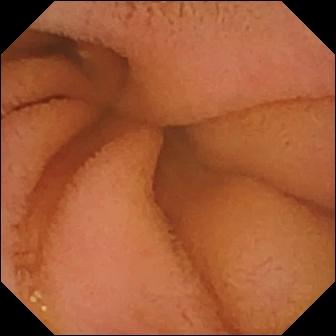- modality: WCE
- segment: small intestine
- category: luminal finding
- impression: normal clean mucosa